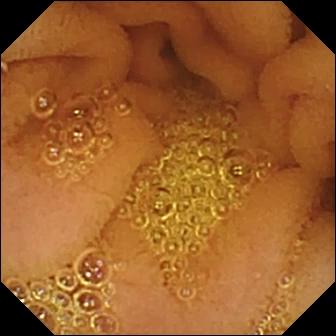modality: WCE; finding: normal clean mucosa